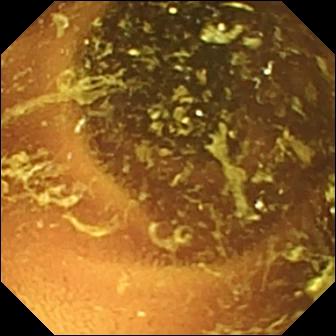WCE view, 336×336. Normal clean mucosa.